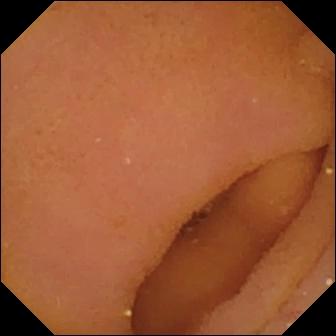Small-bowel capsule endoscopy — pylorus region.